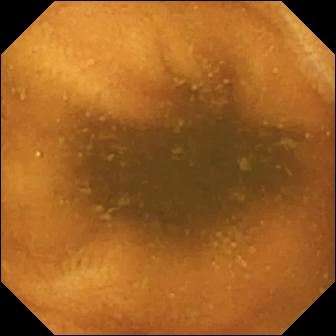Video capsule endoscopy snapshot, small intestine
Impression: normal clean mucosa